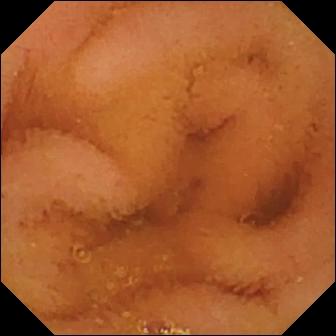Capsule endoscopy — normal clean mucosa.